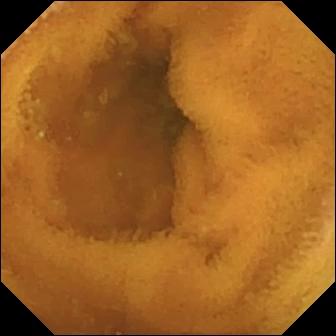Normal clean mucosa.